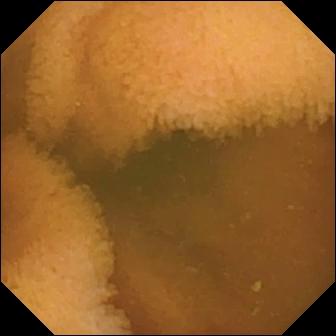Q: What does this VCE image show?
A: Normal clean mucosa.